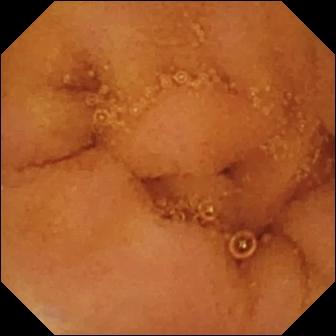modality: small-bowel capsule endoscopy; segment: small bowel; impression: normal clean mucosa